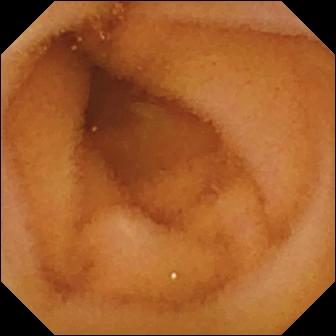{"modality": "capsule endoscopy", "category": "luminal finding", "finding": "normal clean mucosa"}